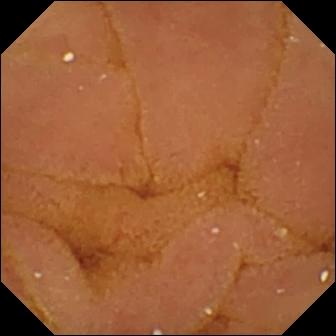Wireless capsule endoscopy image. Normal clean mucosa.